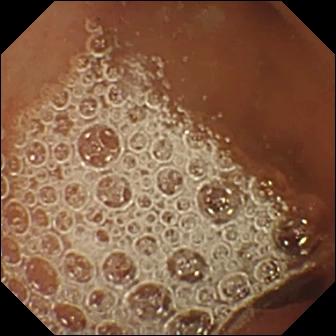Capsule endoscopy view
Impression: normal clean mucosa